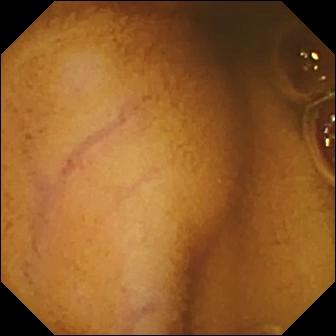This wireless capsule endoscopy image of the small intestine shows normal clean mucosa.